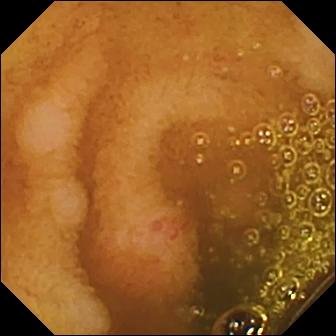Q: What does this VCE still show?
A: Erosion.